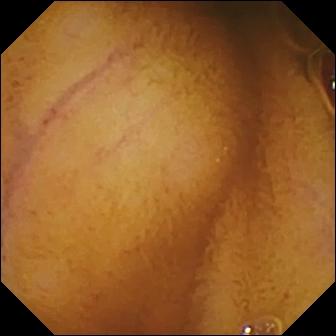modality: small-bowel capsule endoscopy | observation: normal clean mucosa